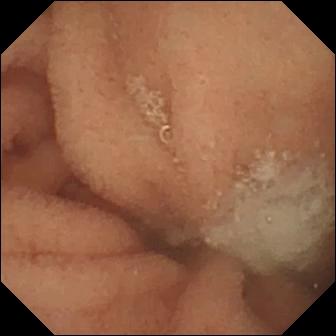WCE snapshot (small intestine), 336×336. Normal clean mucosa.